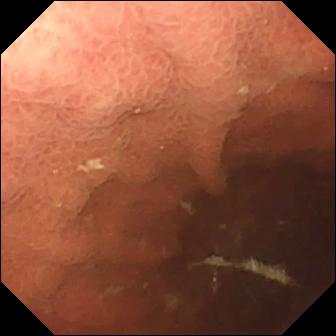Wireless capsule endoscopy. Location: pylorus region (the junction between the stomach and the small bowel).